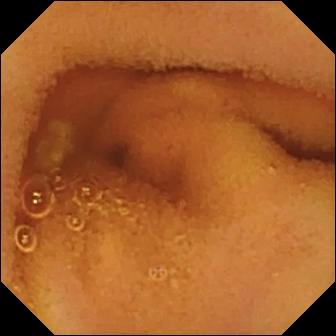{"modality": "VCE", "finding": "normal clean mucosa"}